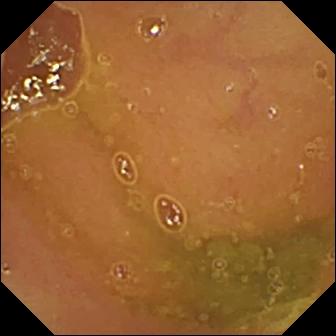Capsule endoscopy image (small intestine). Normal clean mucosa.